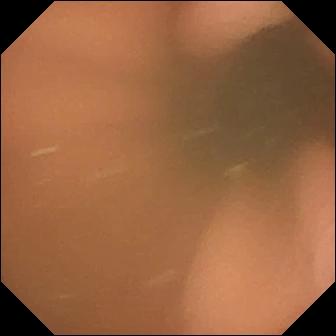Pylorus region — small-bowel capsule endoscopy image.